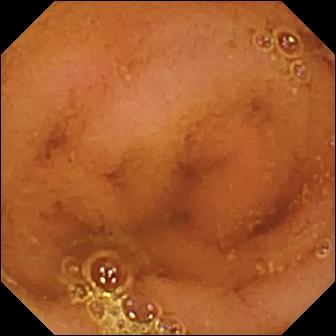Normal clean mucosa.